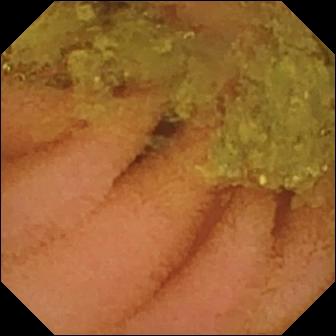This video capsule endoscopy still shows normal clean mucosa.